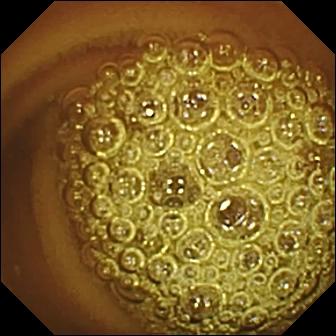Capsule endoscopy. Small bowel. Impression: normal clean mucosa.